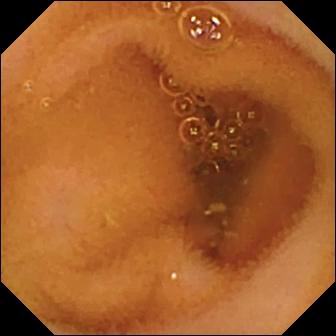Wireless capsule endoscopy — normal clean mucosa.